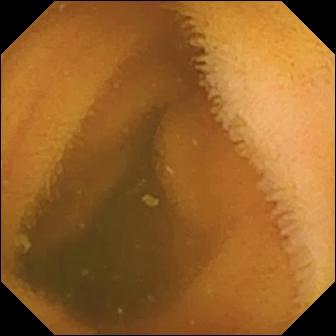Normal clean mucosa — video capsule endoscopy snapshot.